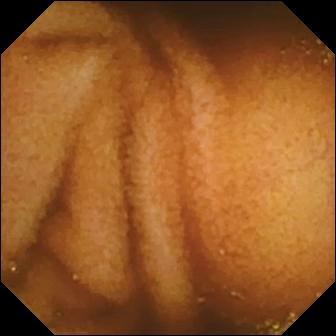Q: What does this video capsule endoscopy image show?
A: Normal clean mucosa.